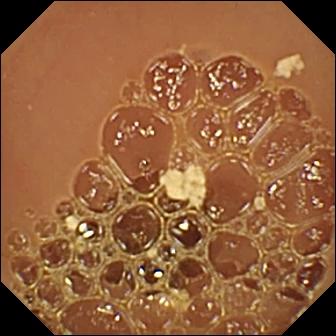Q: What does this capsule endoscopy image of the small bowel show?
A: Normal clean mucosa.